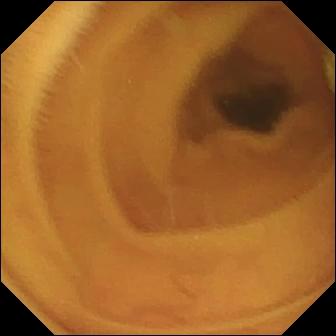Capsule endoscopy image of the small bowel showing normal clean mucosa.